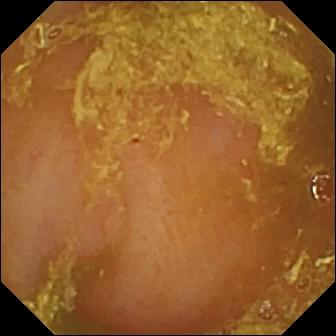modality: VCE
segment: small intestine
finding: reduced mucosal view (content or bubbles obscuring the mucosa)